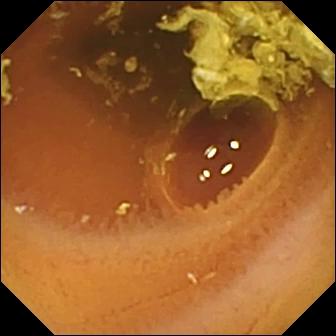Q: What does this wireless capsule endoscopy snapshot of the small intestine show?
A: Normal clean mucosa.